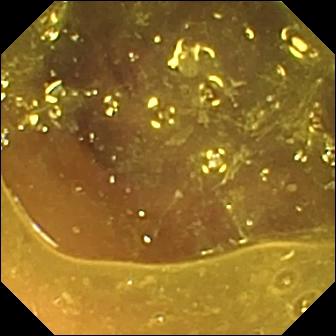Small-bowel capsule endoscopy snapshot
Finding: reduced mucosal view (content or bubbles obscuring the mucosa)